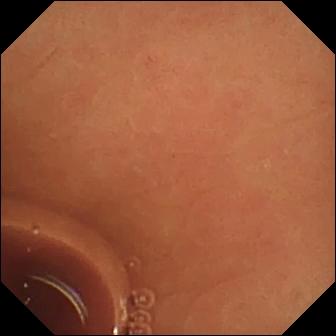Video capsule endoscopy — normal clean mucosa.